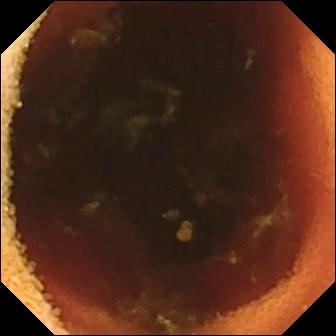This wireless capsule endoscopy frame was taken in the ileo-cecal valve region (where the capsule passes from the small bowel into the large bowel).